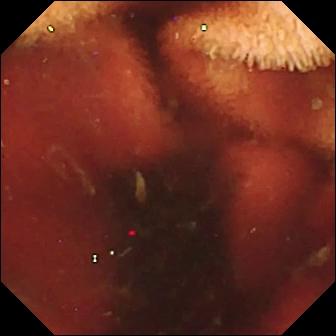Q: What does this video capsule endoscopy still show?
A: Fresh blood in the lumen.